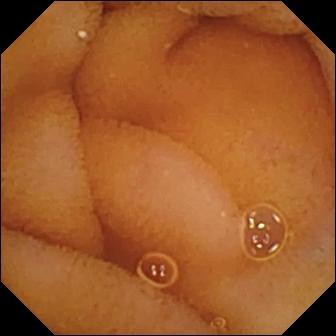Small-bowel capsule endoscopy. Small bowel. Luminal finding. Finding: normal clean mucosa.